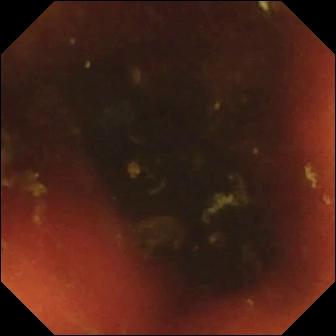- modality: wireless capsule endoscopy
- label: ileo-cecal valve region (where the capsule passes from the small bowel into the large bowel)